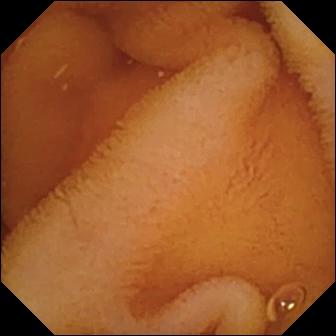Small-bowel capsule endoscopy still. Normal clean mucosa.